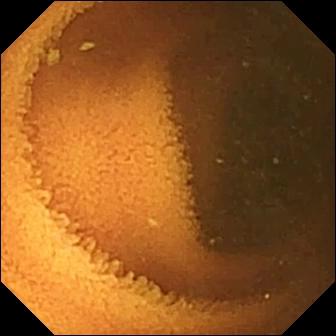Normal clean mucosa — capsule endoscopy snapshot.